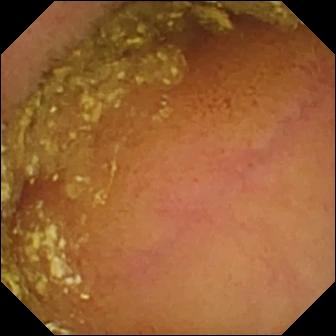Normal clean mucosa — video capsule endoscopy frame.